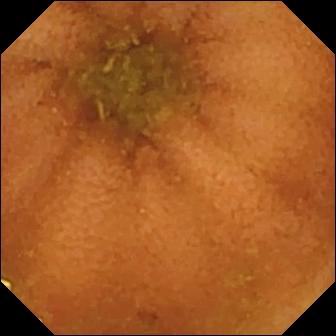VCE view
Label: normal clean mucosa